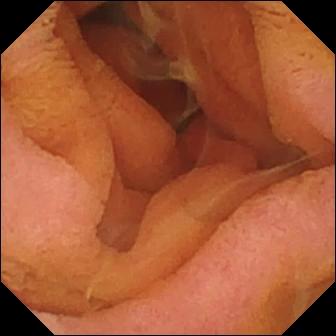Video capsule endoscopy — pylorus region (the junction between the stomach and the small bowel).